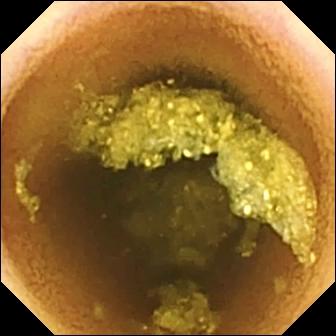- modality: WCE
- segment: small bowel
- observation: normal clean mucosa